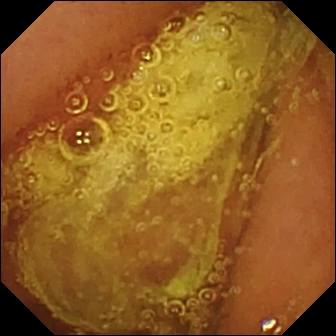Q: What does this VCE still of the small intestine show?
A: Normal clean mucosa.